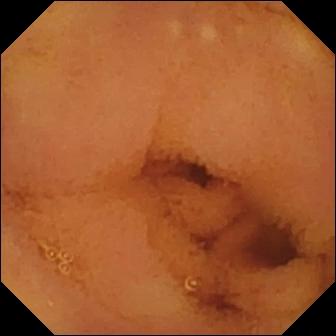Normal clean mucosa — VCE image.